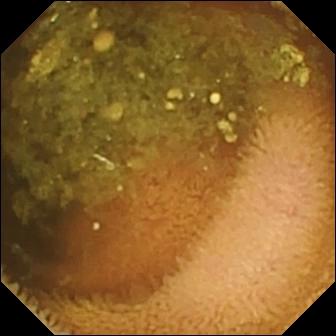Capsule endoscopy snapshot showing reduced mucosal view (content or bubbles obscuring the mucosa).